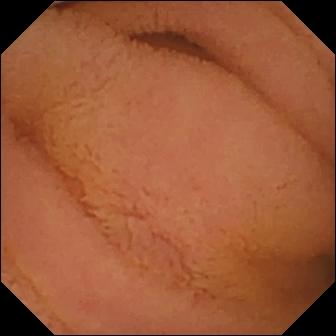Normal clean mucosa — small-bowel capsule endoscopy view of the small bowel.